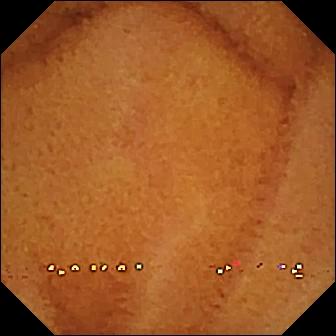Small-bowel capsule endoscopy. Small intestine. Label: normal clean mucosa.